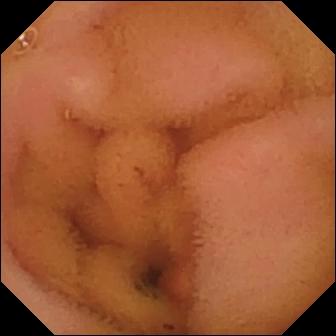Normal clean mucosa — VCE still of the small bowel.